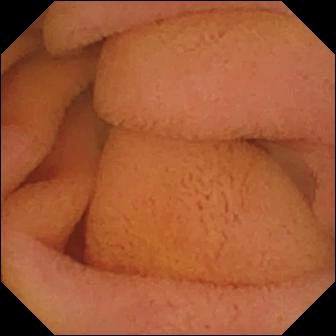Normal clean mucosa.